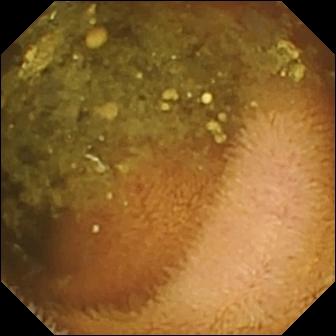Reduced mucosal view (content or bubbles obscuring the mucosa) — small-bowel capsule endoscopy still.